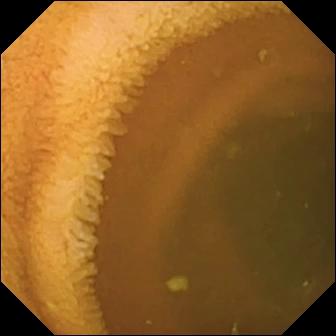PROCEDURE: VCE.
SEGMENT: Small bowel.
FINDINGS: Normal clean mucosa.